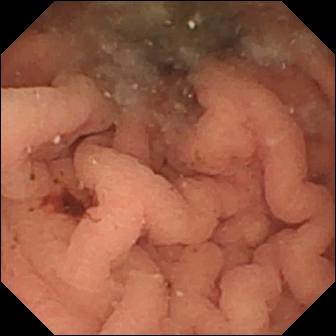This capsule endoscopy image shows fresh blood in the lumen.